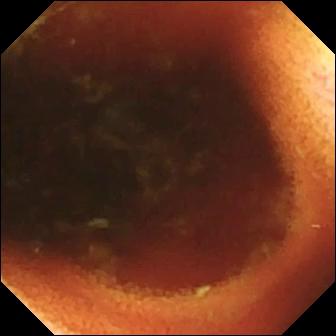modality: capsule endoscopy | category: anatomical landmark | video segment: ileo-cecal valve region (the transition from the small bowel to the large bowel)